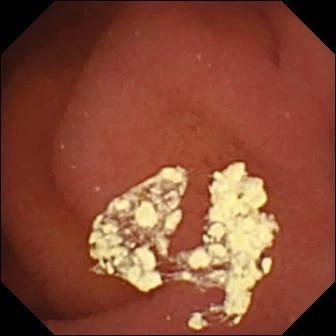Capsule endoscopy frame. Taken in the pylorus region.